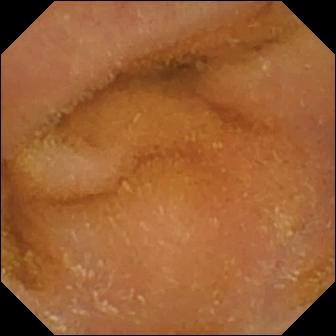{"modality": "small-bowel capsule endoscopy", "segment": "small intestine", "finding": "normal clean mucosa"}